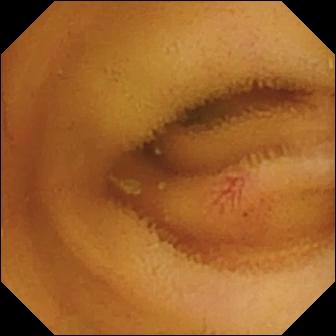{"modality": "video capsule endoscopy", "finding": "angiectasia"}